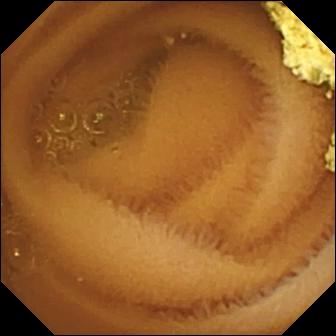Small-bowel capsule endoscopy frame, small bowel
Label: normal clean mucosa